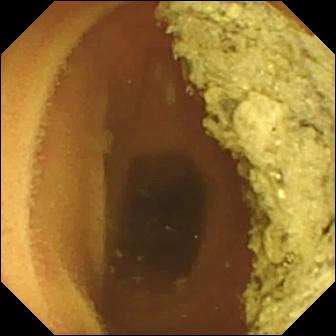PROCEDURE: Video capsule endoscopy.
FINDINGS: Normal clean mucosa.